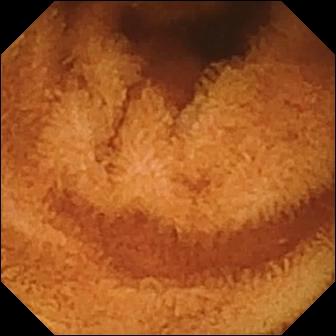Video capsule endoscopy. Small intestine. Luminal finding. Label: normal clean mucosa.